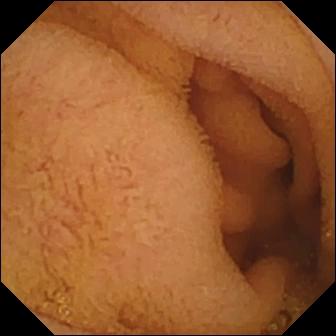modality: capsule endoscopy
finding: normal clean mucosa